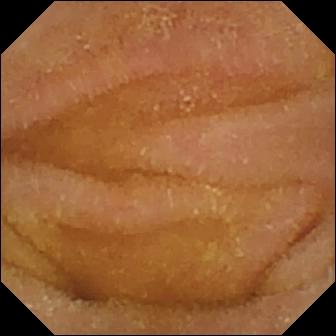WCE view (small bowel). Normal clean mucosa.